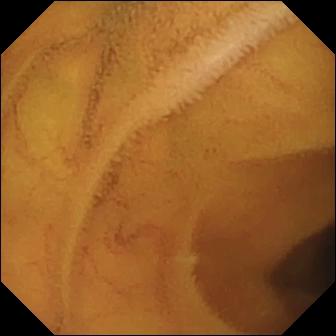Capsule endoscopy. Small intestine. Impression: normal clean mucosa.